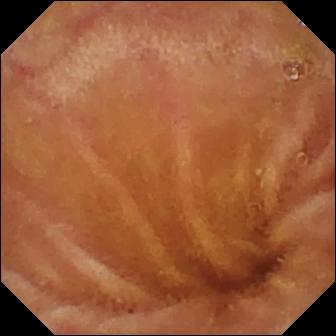WCE snapshot, 336×336. Normal clean mucosa.